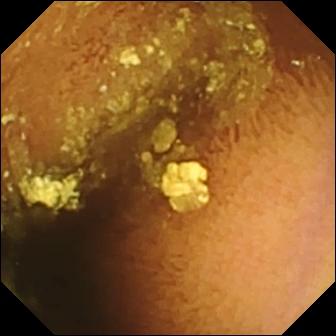This VCE snapshot of the small bowel shows normal clean mucosa.